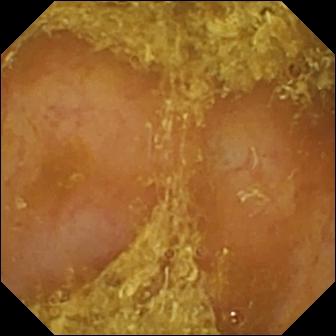Wireless capsule endoscopy view
Label: reduced mucosal view (content or bubbles obscuring the mucosa)